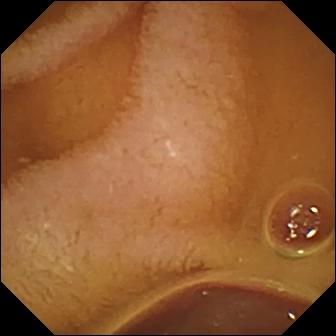Capsule endoscopy snapshot of the small intestine showing normal clean mucosa.